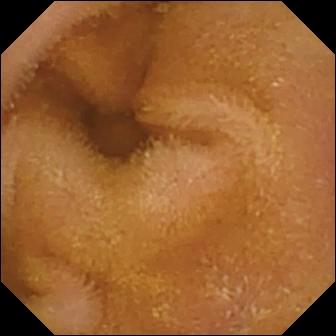Video capsule endoscopy image, small bowel
Finding: normal clean mucosa